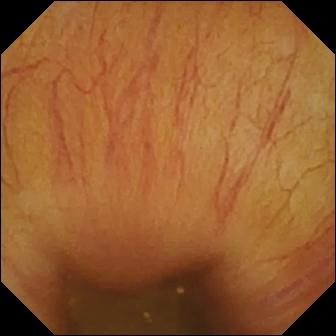This WCE still was taken in the ileo-cecal valve region (the transition from the small bowel to the large bowel).